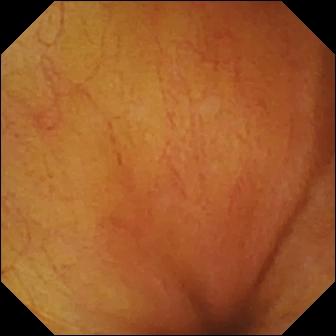Q: Where in the digestive tract was this video capsule endoscopy frame taken?
A: Ileo-cecal valve region.